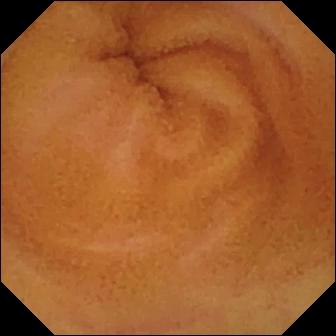Q: What does this video capsule endoscopy image of the small bowel show?
A: Normal clean mucosa.